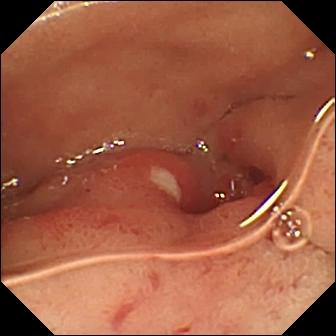Q: What does this WCE image show?
A: Ulcer.